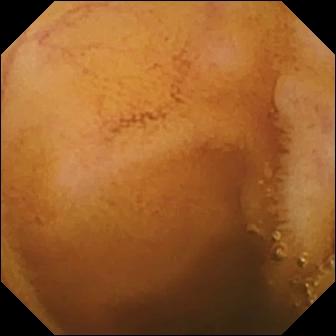Small-bowel capsule endoscopy — normal clean mucosa.